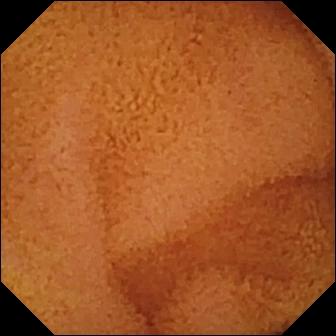Wireless capsule endoscopy. Impression: normal clean mucosa.